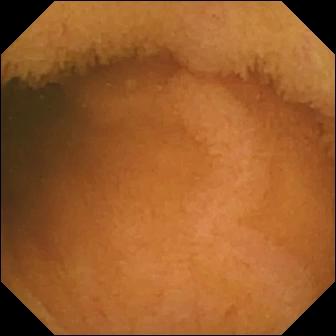- modality: small-bowel capsule endoscopy
- segment: small intestine
- category: luminal finding
- observation: normal clean mucosa